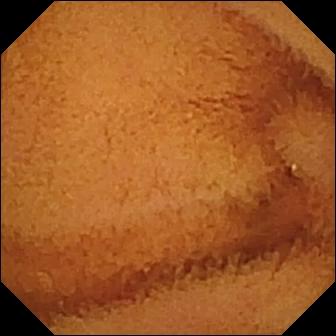Wireless capsule endoscopy still showing normal clean mucosa.